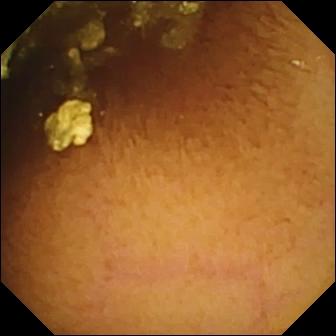Video capsule endoscopy — normal clean mucosa.